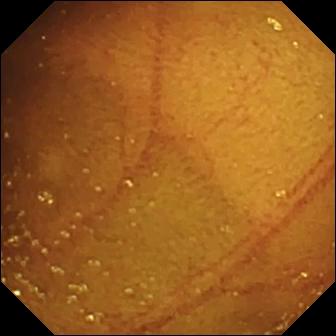Small-bowel capsule endoscopy snapshot
Position: ileo-cecal valve region